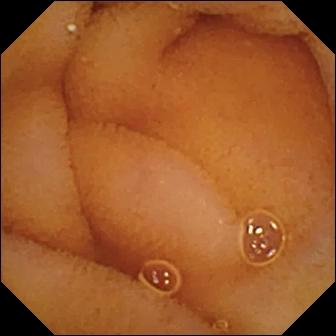This VCE image of the small intestine shows normal clean mucosa.